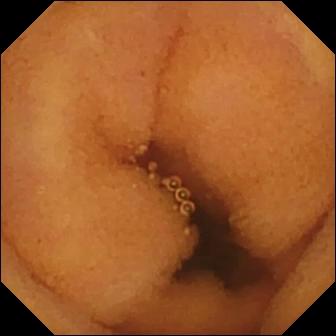PROCEDURE: WCE.
SEGMENT: Small intestine.
FINDINGS: Normal clean mucosa.